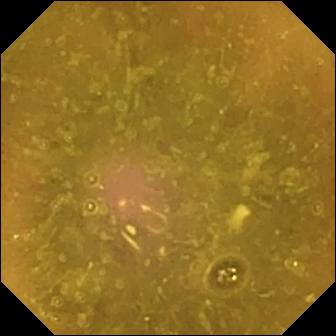{"modality": "VCE", "category": "luminal finding", "finding": "reduced mucosal view (content or bubbles obscuring the mucosa)"}